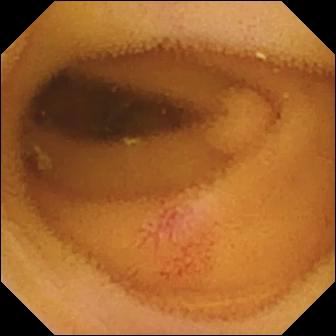Small-bowel capsule endoscopy view showing angiectasia.